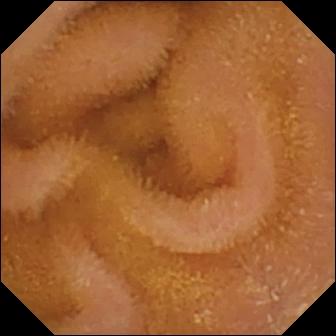Q: What does this video capsule endoscopy snapshot of the small intestine show?
A: Normal clean mucosa.